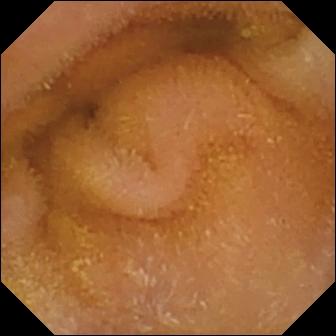modality: capsule endoscopy | segment: small bowel | label: normal clean mucosa